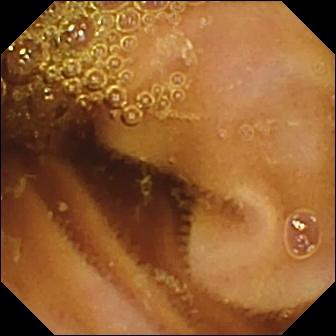Small-bowel capsule endoscopy image (small bowel). Normal clean mucosa.